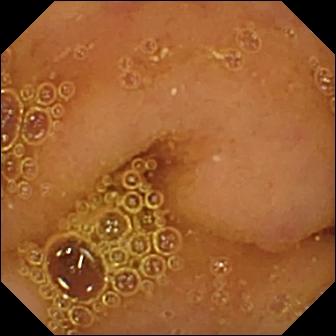Normal clean mucosa — wireless capsule endoscopy snapshot of the small bowel.